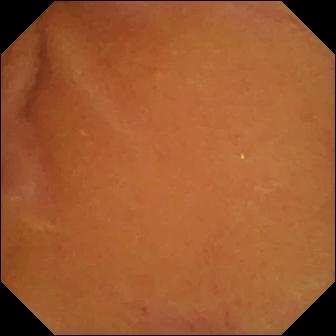- modality: capsule endoscopy
- segment: small intestine
- label: normal clean mucosa